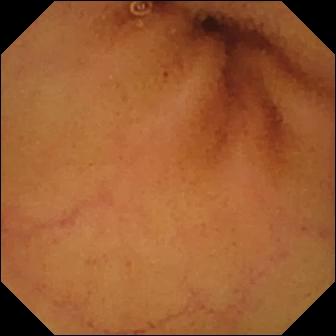Normal clean mucosa — capsule endoscopy image of the small bowel.